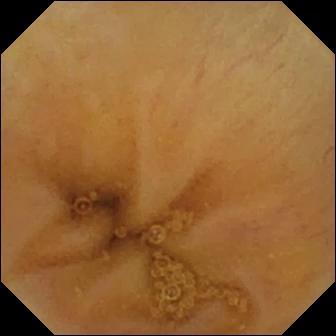Small-bowel capsule endoscopy image
Label: ileo-cecal valve region (where the capsule passes from the small bowel into the large bowel)